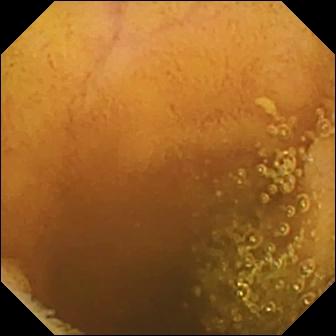Normal clean mucosa.